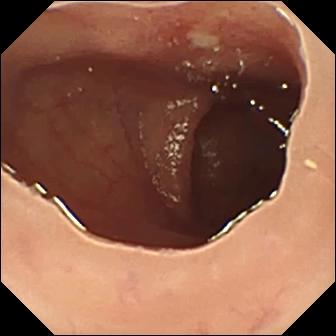Ulcer (336×336).